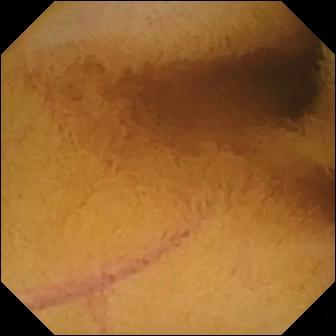modality: small-bowel capsule endoscopy; category: luminal finding; observation: normal clean mucosa